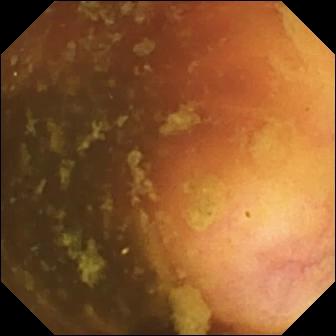{"modality": "wireless capsule endoscopy", "category": "anatomical landmark", "position": "ileo-cecal valve region (where the capsule passes from the small bowel into the large bowel)"}